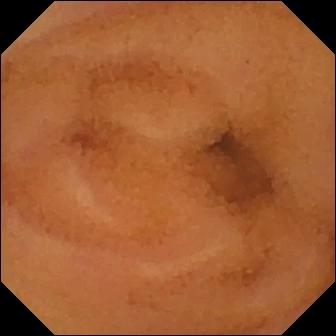Normal clean mucosa — video capsule endoscopy still.